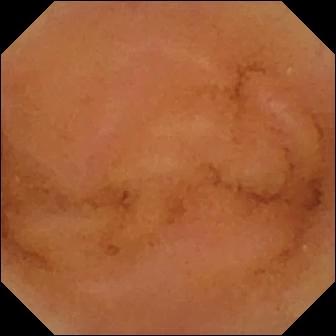Wireless capsule endoscopy frame, small bowel
Observation: normal clean mucosa